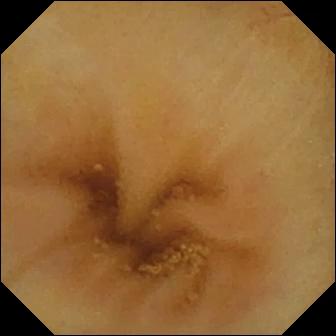Ileo-cecal valve region (where the capsule passes from the small bowel into the large bowel) — capsule endoscopy frame.